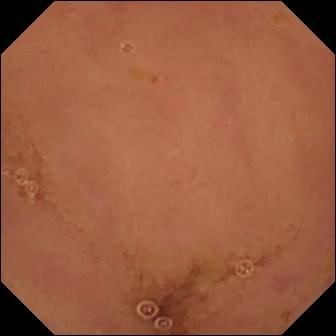Wireless capsule endoscopy still
Finding: normal clean mucosa